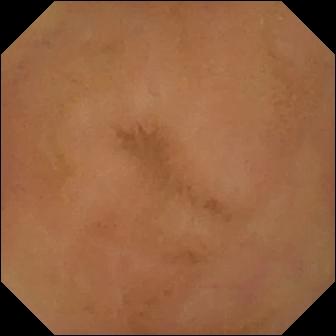Normal clean mucosa — video capsule endoscopy snapshot of the small intestine.